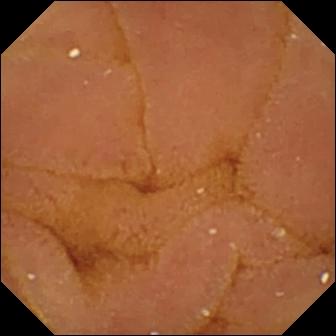PROCEDURE: Video capsule endoscopy.
FINDINGS: Normal clean mucosa.